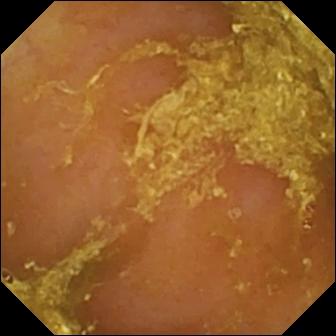Reduced mucosal view (content or bubbles obscuring the mucosa) — video capsule endoscopy image.